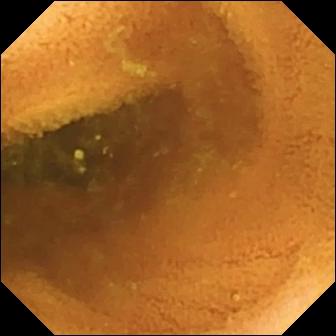Q: What does this video capsule endoscopy snapshot of the small bowel show?
A: Normal clean mucosa.